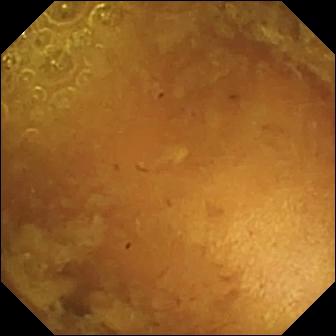Q: What does this VCE still of the small intestine show?
A: Reduced mucosal view (content or bubbles obscuring the mucosa).